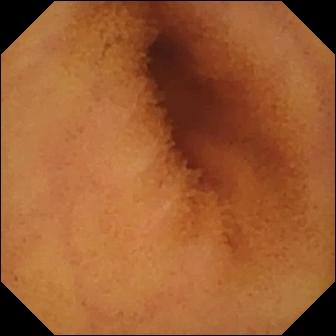This capsule endoscopy frame of the small intestine shows normal clean mucosa.